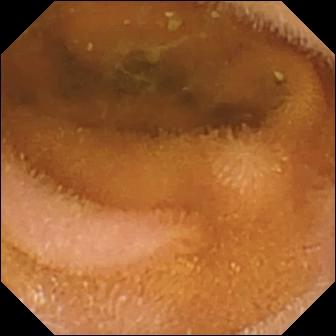Small-bowel capsule endoscopy snapshot of the small intestine showing normal clean mucosa.